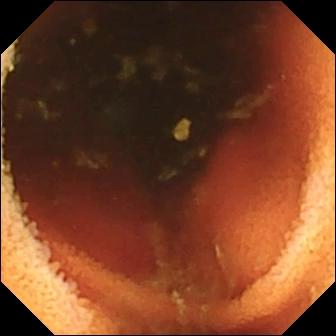- modality: wireless capsule endoscopy
- location: ileo-cecal valve region